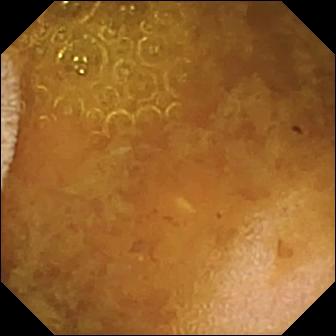Video capsule endoscopy image. Reduced mucosal view (content or bubbles obscuring the mucosa).